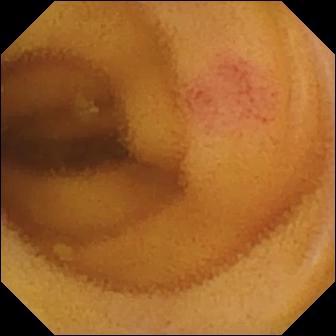This wireless capsule endoscopy image shows angiectasia.